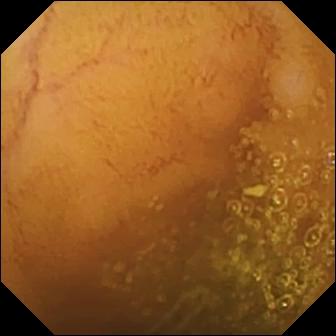This wireless capsule endoscopy frame of the small bowel shows normal clean mucosa.